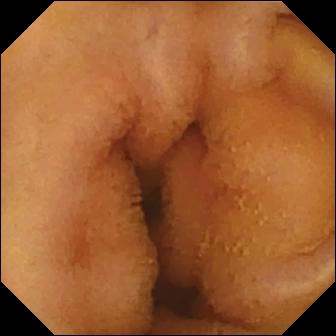WCE frame, small bowel
Finding: normal clean mucosa